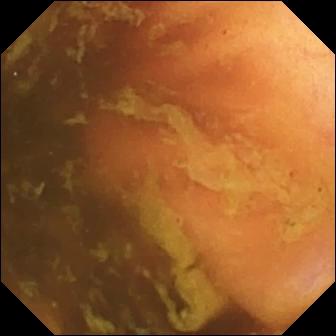Capsule endoscopy — ileo-cecal valve region (where the capsule passes from the small bowel into the large bowel).